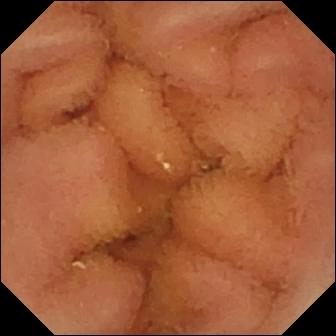WCE view, small bowel
Observation: normal clean mucosa